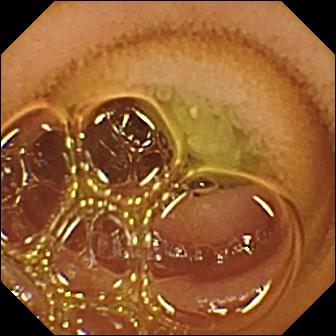Normal clean mucosa — VCE view.